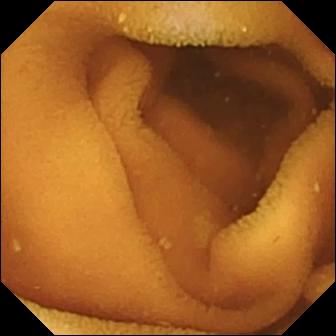Normal clean mucosa — WCE image of the small intestine.